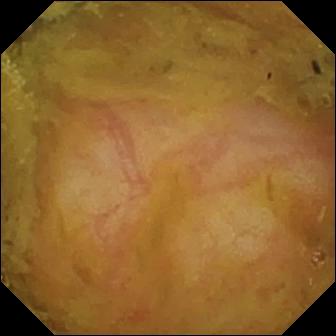Ileo-cecal valve region — video capsule endoscopy frame.